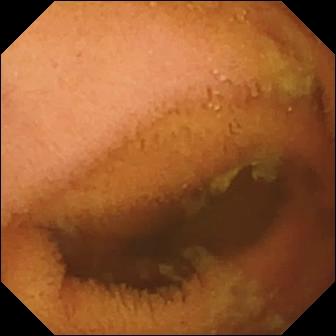{"modality": "wireless capsule endoscopy", "segment": "small bowel", "category": "luminal finding", "finding": "normal clean mucosa"}